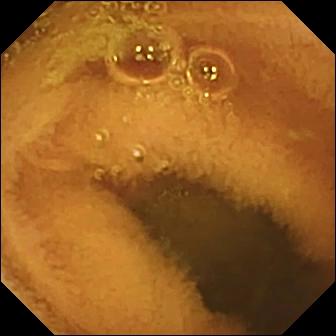VCE. Small intestine. Luminal finding. Label: normal clean mucosa.